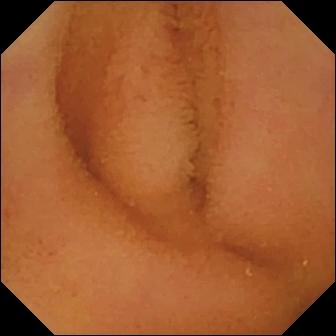Wireless capsule endoscopy. Small bowel. Finding: normal clean mucosa.